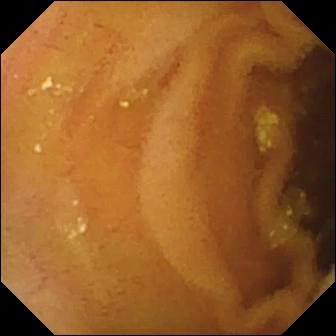Capsule endoscopy snapshot, 336×336. Lymphangiectasia.